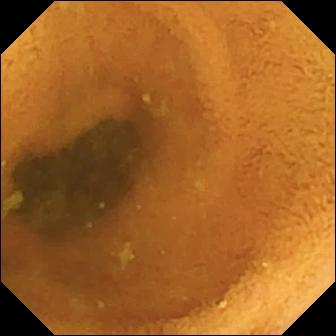VCE frame, small intestine
Observation: normal clean mucosa